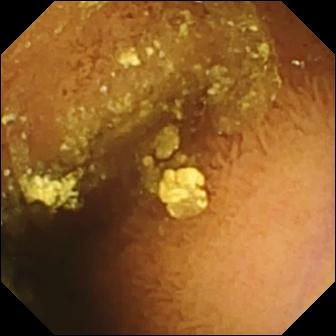Normal clean mucosa.